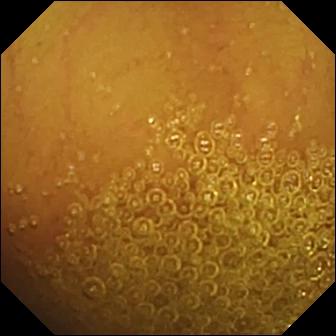Normal clean mucosa.